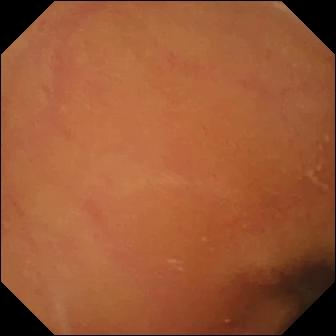PROCEDURE: Small-bowel capsule endoscopy.
FINDINGS: Normal clean mucosa.